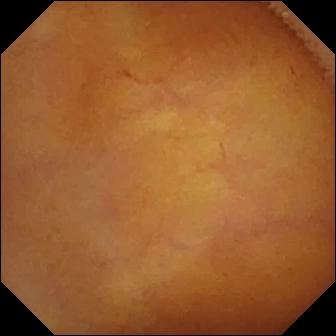modality: wireless capsule endoscopy; finding: normal clean mucosa